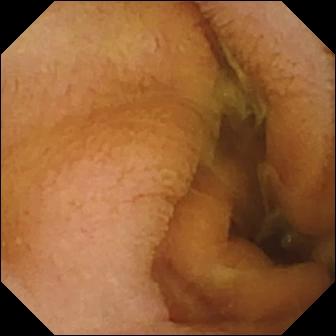Normal clean mucosa — small-bowel capsule endoscopy image.